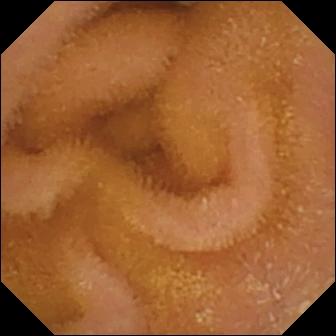PROCEDURE: Video capsule endoscopy.
SEGMENT: Small intestine.
FINDINGS: Normal clean mucosa.